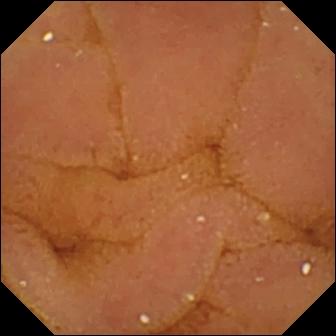Wireless capsule endoscopy. Small bowel. Impression: normal clean mucosa.